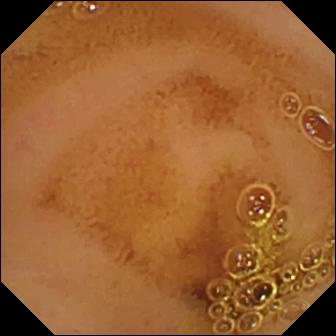Wireless capsule endoscopy — normal clean mucosa.